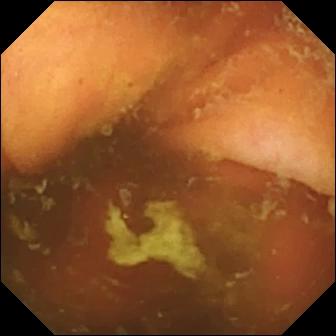VCE view
Video segment: ileo-cecal valve region (where the capsule passes from the small bowel into the large bowel)